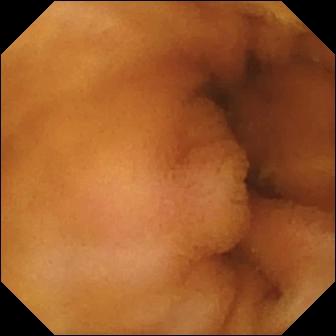WCE. Label: normal clean mucosa.